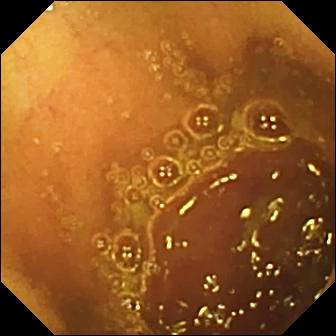Wireless capsule endoscopy snapshot, small intestine
Label: normal clean mucosa